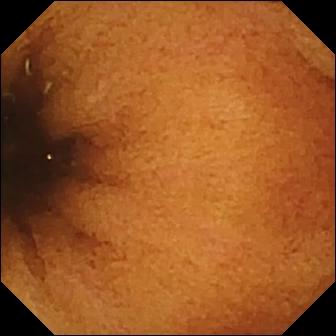WCE — normal clean mucosa.